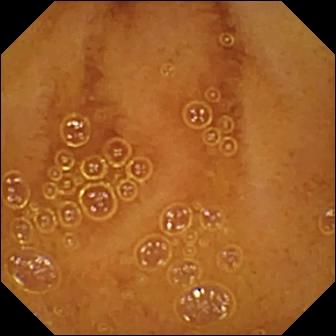Normal clean mucosa (336×336).